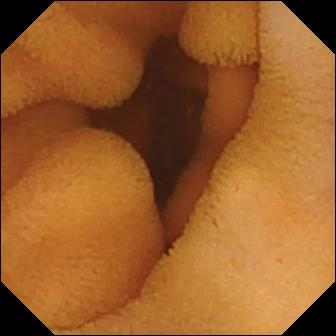Wireless capsule endoscopy frame. Normal clean mucosa.